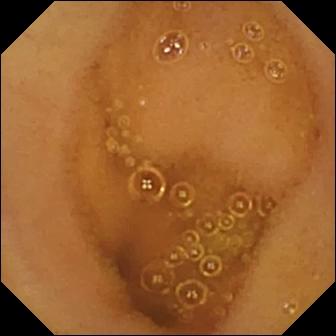{"modality": "wireless capsule endoscopy", "finding": "normal clean mucosa"}